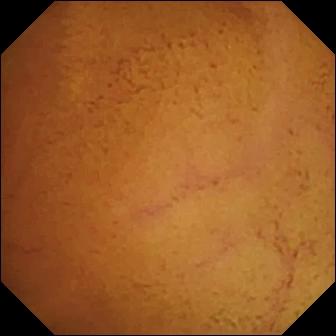Normal clean mucosa (336×336).